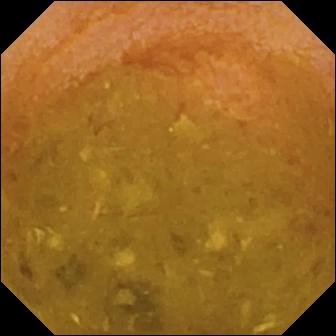VCE. Luminal finding. Observation: reduced mucosal view (content or bubbles obscuring the mucosa).